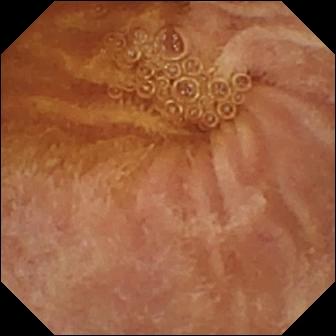WCE. Small intestine. Observation: normal clean mucosa.